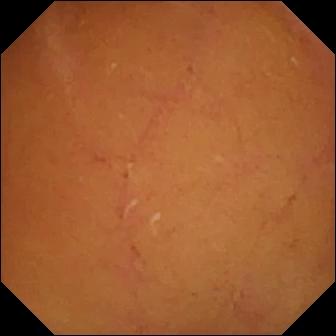modality: VCE; label: normal clean mucosa